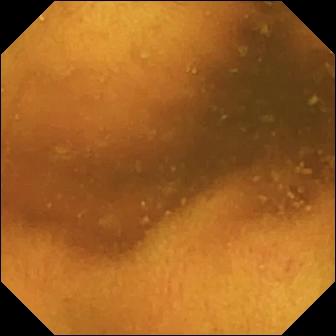{"modality": "small-bowel capsule endoscopy", "segment": "small bowel", "category": "luminal finding", "finding": "normal clean mucosa"}